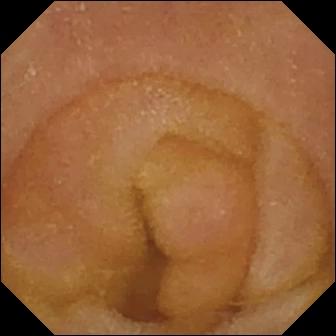{"modality": "wireless capsule endoscopy", "segment": "small bowel", "finding": "normal clean mucosa"}